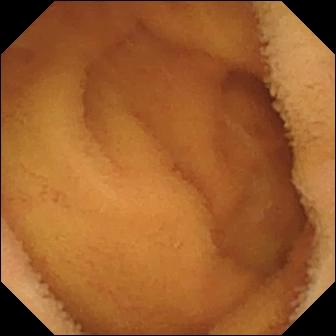Normal clean mucosa.